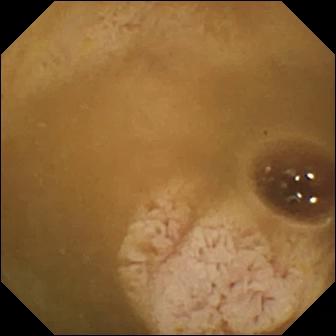PROCEDURE: WCE.
LOCATION: Ileo-cecal valve region (where the capsule passes from the small bowel into the large bowel).